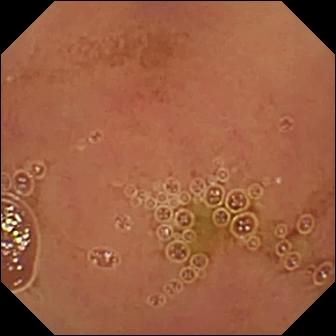Capsule endoscopy. Luminal finding. Label: normal clean mucosa.